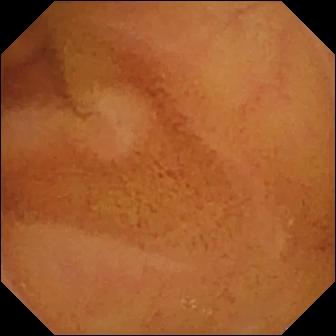Normal clean mucosa — WCE image.